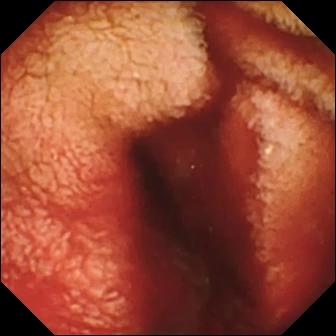WCE — fresh blood in the lumen.